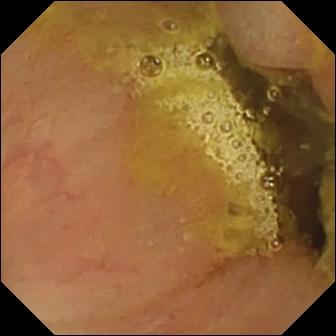PROCEDURE: Small-bowel capsule endoscopy.
POSITION: Ileo-cecal valve region.